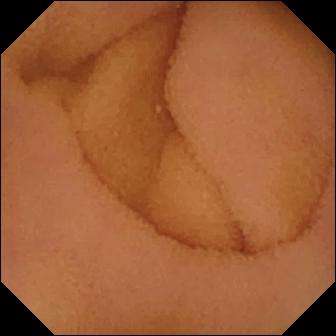modality: small-bowel capsule endoscopy
segment: small bowel
finding: normal clean mucosa